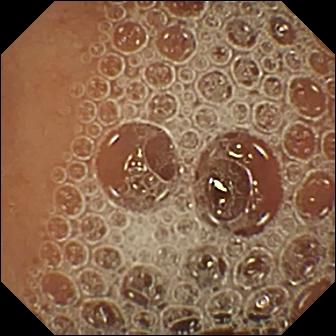VCE frame. Normal clean mucosa.